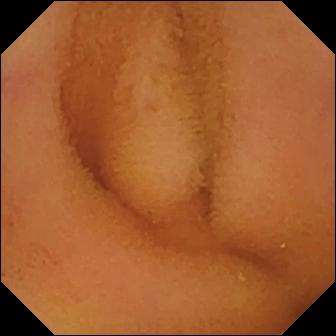Q: What does this video capsule endoscopy still of the small intestine show?
A: Normal clean mucosa.